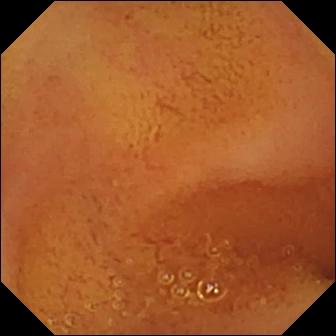Small-bowel capsule endoscopy. Label: normal clean mucosa.